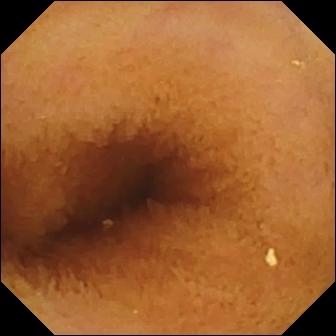This wireless capsule endoscopy still of the small bowel shows normal clean mucosa.